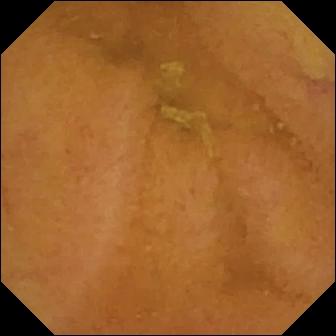This video capsule endoscopy frame of the small bowel shows normal clean mucosa.